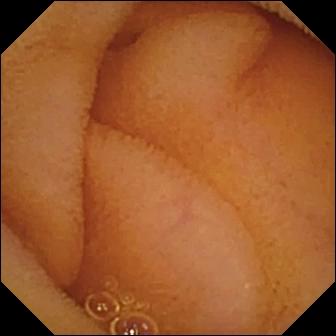This wireless capsule endoscopy still shows normal clean mucosa.